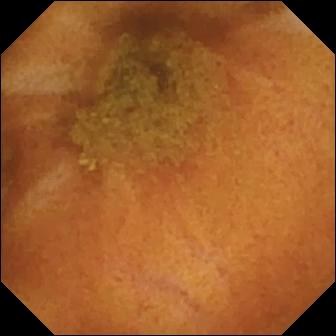VCE view showing normal clean mucosa.